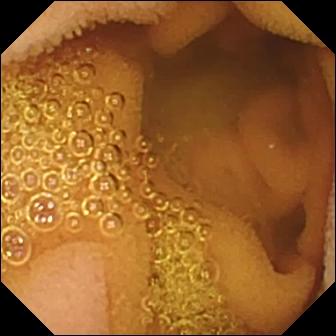Small-bowel capsule endoscopy image. Normal clean mucosa.